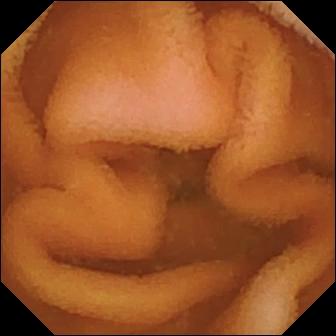{"modality": "wireless capsule endoscopy", "finding": "normal clean mucosa"}